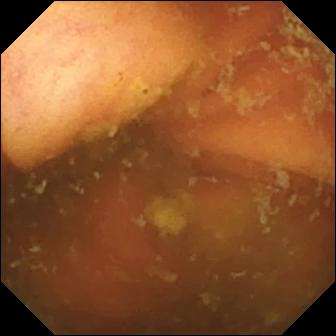VCE frame
Location: ileo-cecal valve region (the transition from the small bowel to the large bowel)